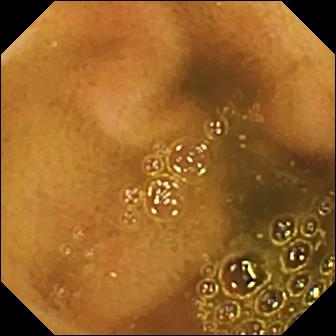Small-bowel capsule endoscopy frame
Video segment: ileo-cecal valve region (the transition from the small bowel to the large bowel)